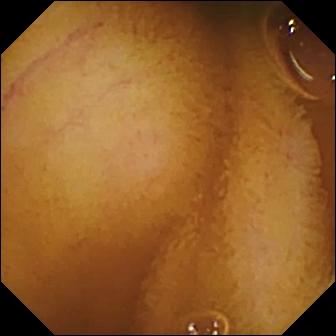Normal clean mucosa.